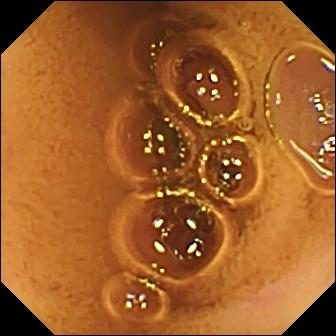Normal clean mucosa — video capsule endoscopy frame.